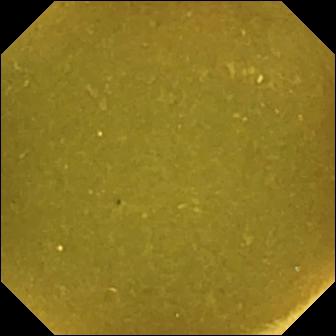This video capsule endoscopy frame was taken in the ileo-cecal valve region (the transition from the small bowel to the large bowel).